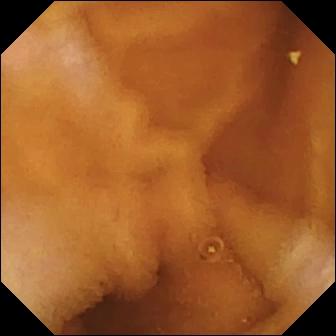Small-bowel capsule endoscopy view, small bowel
Impression: normal clean mucosa